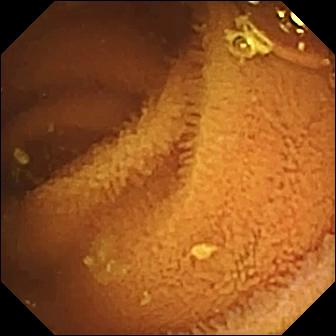- modality: WCE
- observation: normal clean mucosa